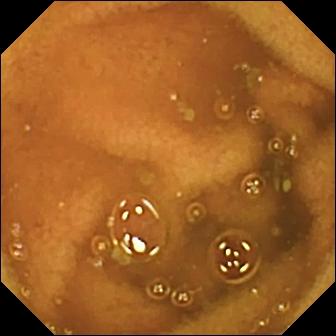WCE still. Normal clean mucosa.